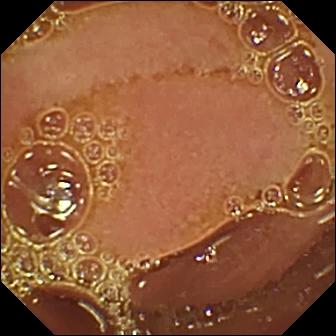Q: What does this VCE still show?
A: Normal clean mucosa.